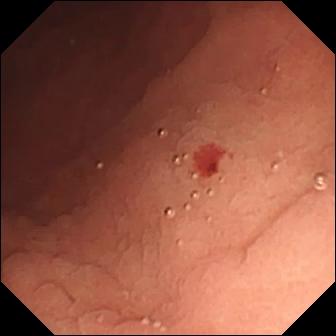Video capsule endoscopy. Observation: angiectasia.